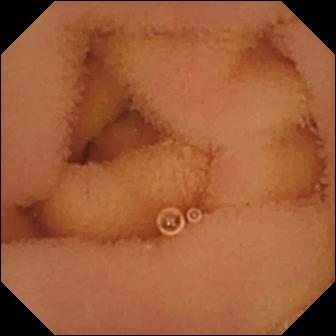{"modality": "wireless capsule endoscopy", "segment": "small bowel", "finding": "normal clean mucosa"}